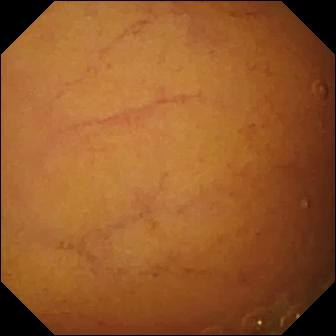modality: video capsule endoscopy
segment: small intestine
category: luminal finding
finding: normal clean mucosa